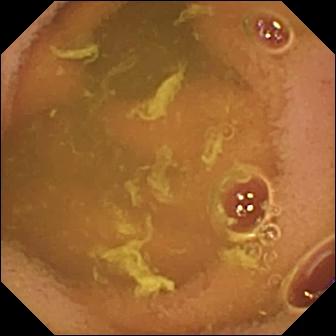Capsule endoscopy still showing normal clean mucosa.